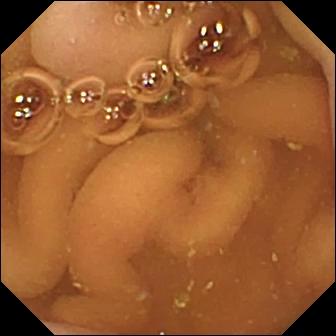Q: Where in the digestive tract was this video capsule endoscopy view taken?
A: Pylorus region (the junction between the stomach and the small bowel).